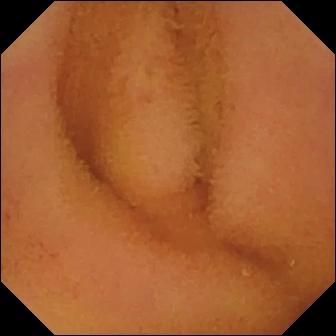Normal clean mucosa — VCE still of the small intestine.